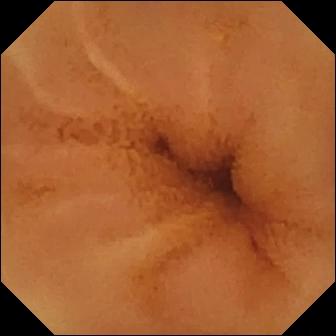Capsule endoscopy snapshot
Finding: normal clean mucosa